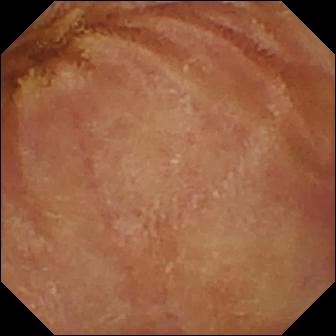{"modality": "video capsule endoscopy", "category": "luminal finding", "finding": "normal clean mucosa"}